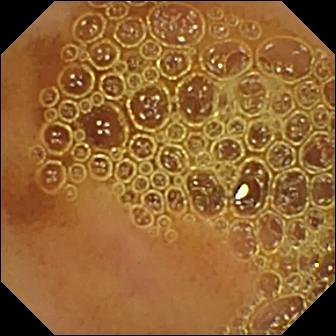Q: What does this wireless capsule endoscopy image show?
A: Normal clean mucosa.